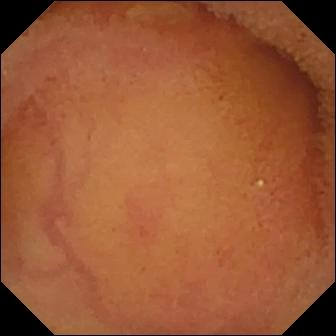Normal clean mucosa — capsule endoscopy image.